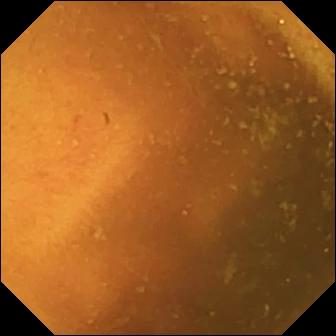PROCEDURE: Wireless capsule endoscopy.
SEGMENT: Small bowel.
FINDINGS: Normal clean mucosa.